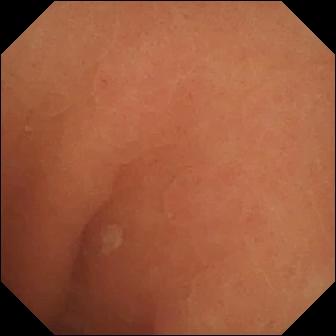{"modality": "WCE", "category": "luminal finding", "finding": "normal clean mucosa"}